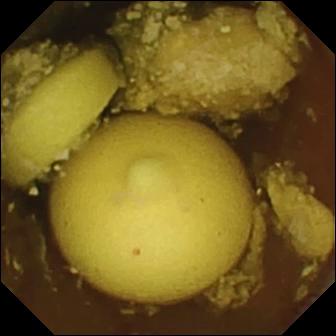Foreign body (e.g. retained capsule, tablet residue).